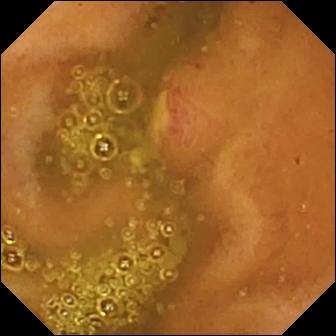Q: What does this VCE view show?
A: Ulcer.